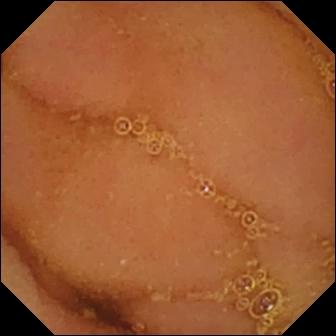Small-bowel capsule endoscopy frame showing normal clean mucosa.